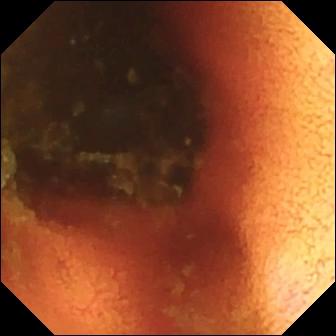Wireless capsule endoscopy frame. Taken in the ileo-cecal valve region (the transition from the small bowel to the large bowel).